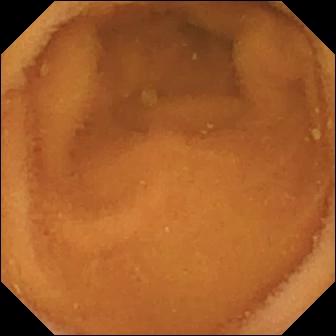Small-bowel capsule endoscopy. Label: normal clean mucosa.